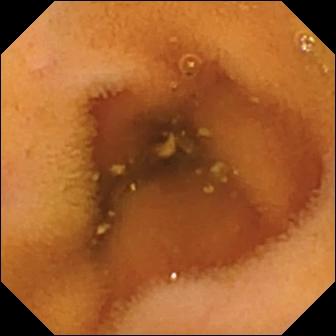Wireless capsule endoscopy frame
Finding: normal clean mucosa